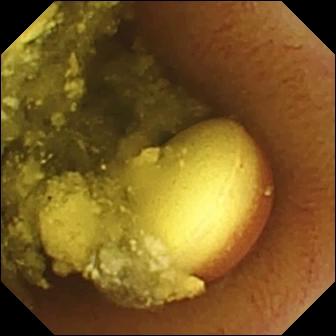Wireless capsule endoscopy snapshot showing foreign body (e.g. retained capsule, tablet residue).